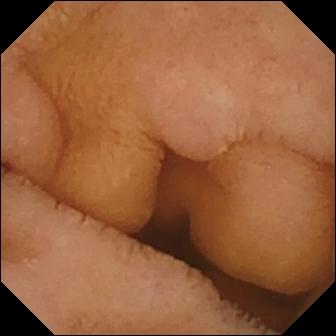Normal clean mucosa (336×336).